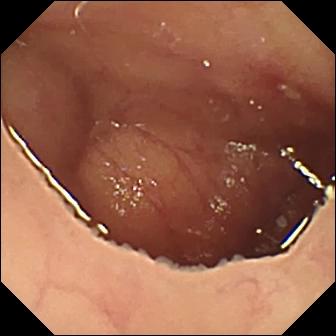- modality: video capsule endoscopy
- impression: ulcer